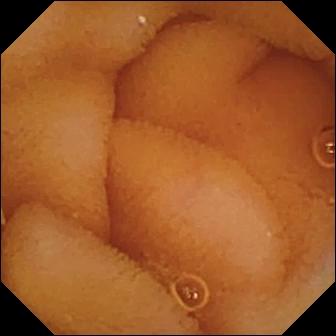Normal clean mucosa — VCE still of the small bowel.